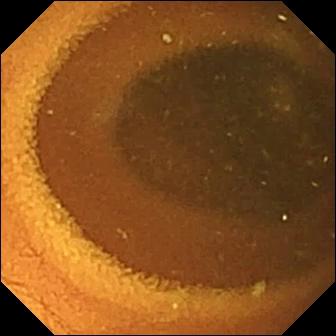Capsule endoscopy — normal clean mucosa.